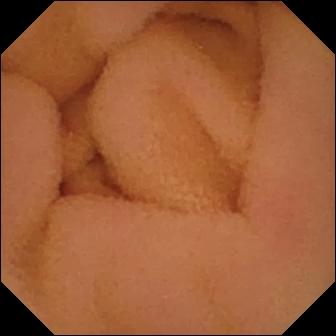This VCE still of the small intestine shows normal clean mucosa.